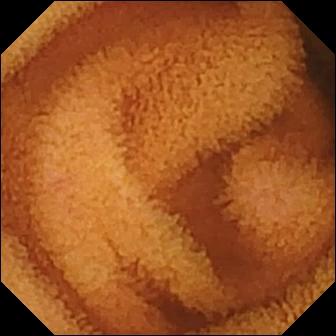Capsule endoscopy still
Impression: normal clean mucosa